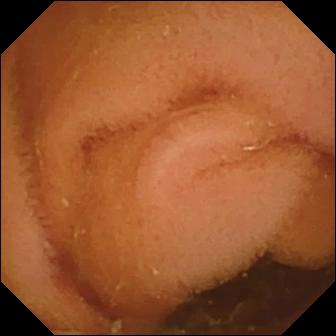Normal clean mucosa — WCE frame.